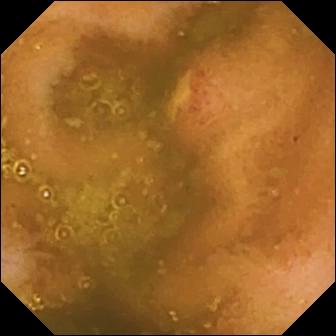This capsule endoscopy frame shows ulcer.